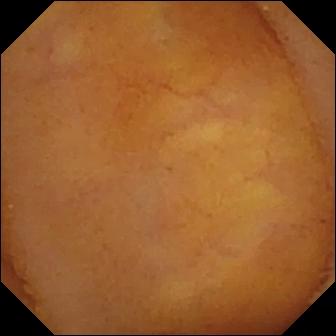Capsule endoscopy image (small bowel). Normal clean mucosa.